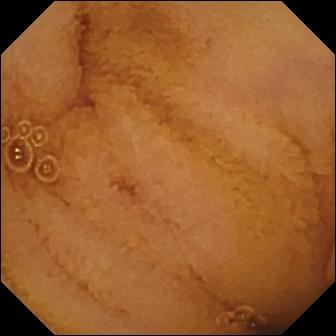modality: VCE; observation: normal clean mucosa